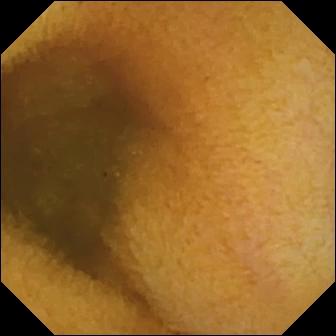Normal clean mucosa — wireless capsule endoscopy frame of the small intestine.